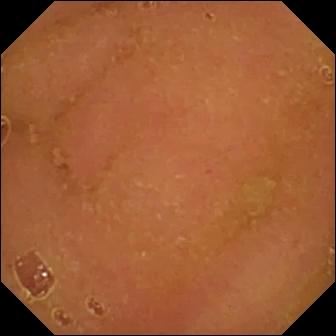modality: WCE
category: luminal finding
label: normal clean mucosa